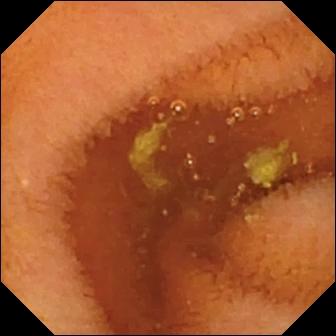VCE. Label: normal clean mucosa.